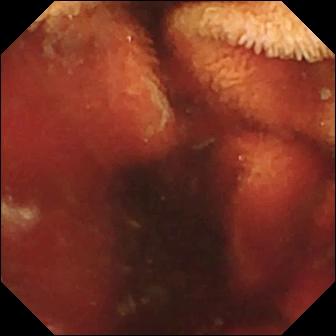- modality: video capsule endoscopy
- observation: fresh blood in the lumen